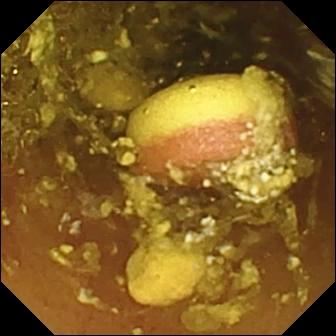PROCEDURE: Wireless capsule endoscopy.
FINDINGS: Foreign body (e.g. retained capsule, tablet residue).